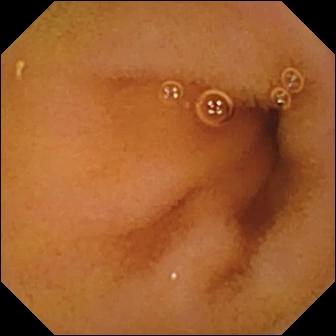WCE snapshot. Normal clean mucosa.